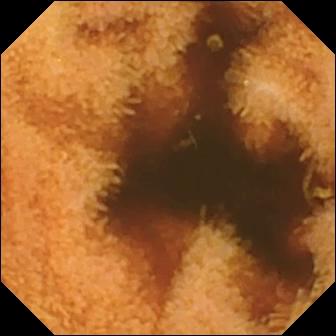WCE. Small bowel. Luminal finding. Label: normal clean mucosa.